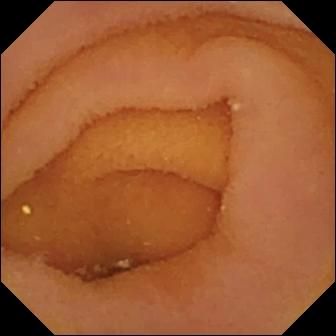VCE. Position: pylorus region.